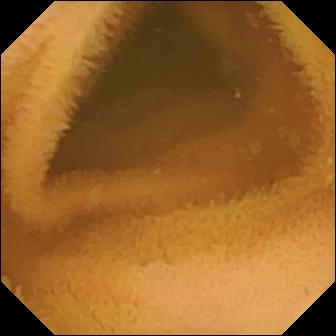This video capsule endoscopy snapshot of the small intestine shows normal clean mucosa.